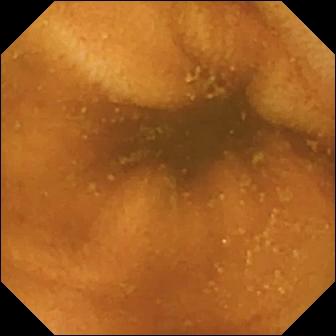Normal clean mucosa — wireless capsule endoscopy snapshot.